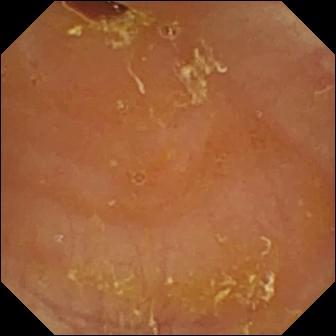modality: capsule endoscopy
observation: reduced mucosal view (content or bubbles obscuring the mucosa)